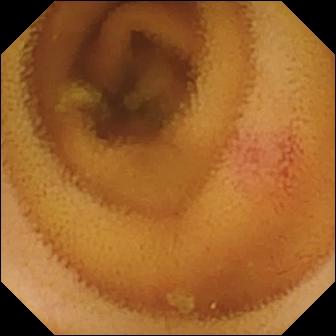VCE frame
Label: angiectasia